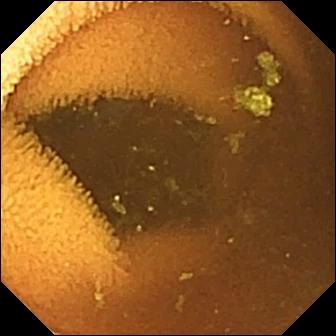Q: What does this wireless capsule endoscopy image show?
A: Normal clean mucosa.